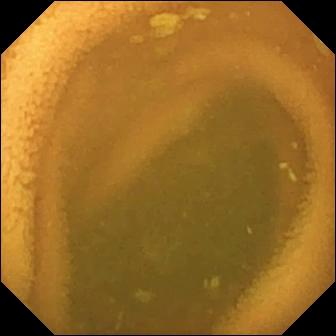Normal clean mucosa.